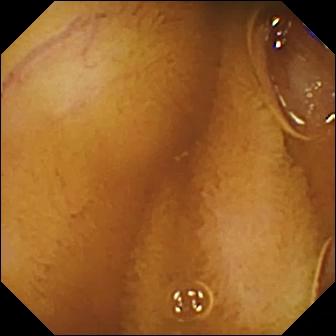Small-bowel capsule endoscopy still (small intestine), 336×336. Normal clean mucosa.